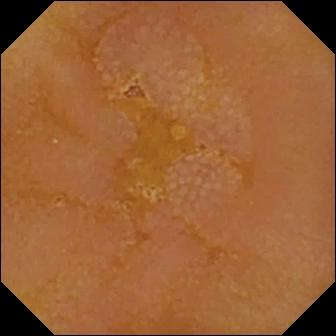Wireless capsule endoscopy frame
Impression: reduced mucosal view (content or bubbles obscuring the mucosa)